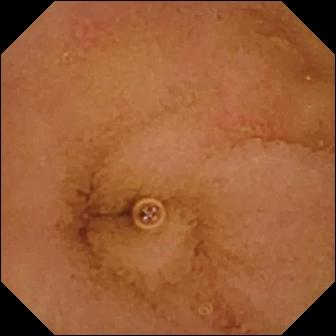{"modality": "small-bowel capsule endoscopy", "category": "luminal finding", "finding": "normal clean mucosa"}